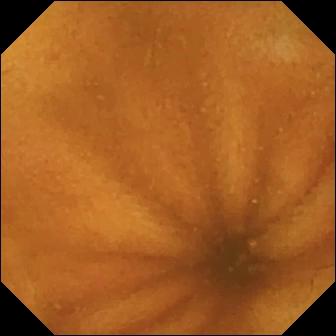Video capsule endoscopy view showing normal clean mucosa.